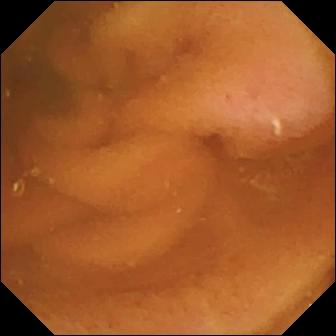Q: What does this video capsule endoscopy image of the small intestine show?
A: Normal clean mucosa.